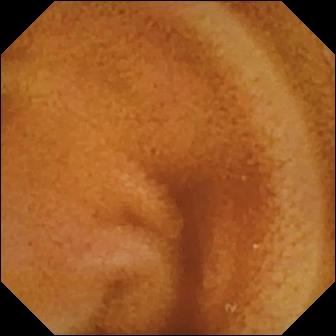- modality: small-bowel capsule endoscopy
- segment: small intestine
- finding: normal clean mucosa